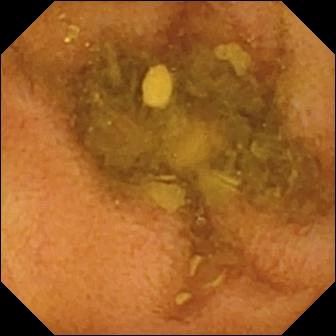Small-bowel capsule endoscopy view. Normal clean mucosa.